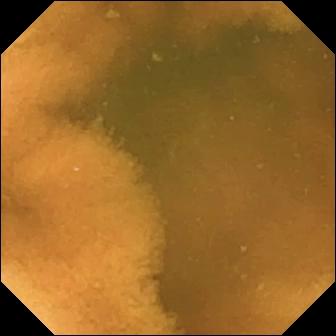Video capsule endoscopy snapshot, small intestine
Label: normal clean mucosa